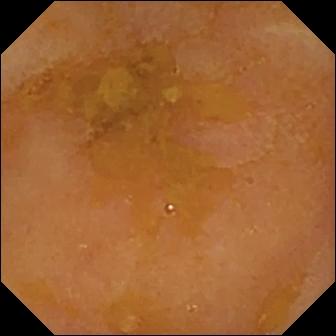Small-bowel capsule endoscopy image of the small bowel showing reduced mucosal view (content or bubbles obscuring the mucosa).